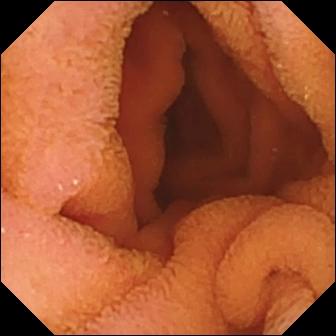PROCEDURE: Capsule endoscopy.
SEGMENT: Small intestine.
FINDINGS: Normal clean mucosa.